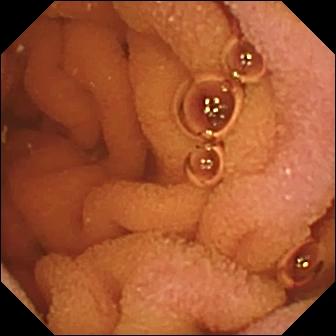Wireless capsule endoscopy still (small bowel). Normal clean mucosa.